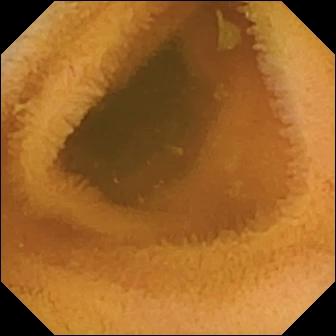{"modality": "VCE", "finding": "normal clean mucosa"}